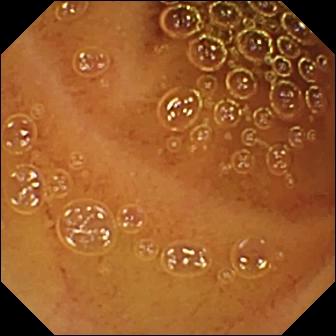Small-bowel capsule endoscopy snapshot, small bowel
Finding: normal clean mucosa